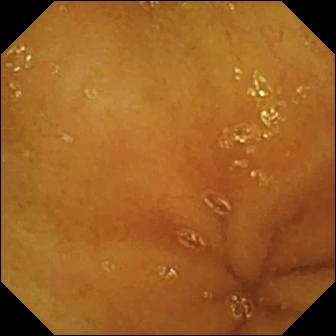Capsule endoscopy — normal clean mucosa.